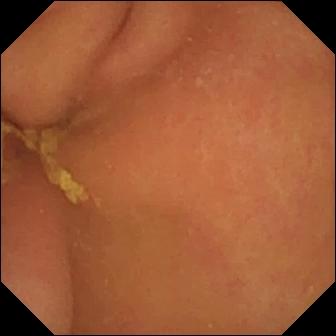PROCEDURE: Capsule endoscopy.
LOCATION: Pylorus region (where the capsule passes from the stomach into the small bowel).